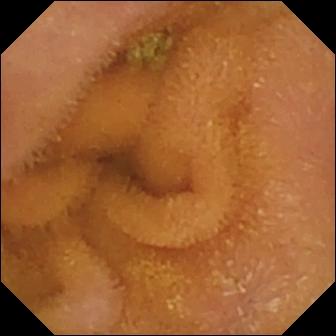Wireless capsule endoscopy image showing normal clean mucosa.